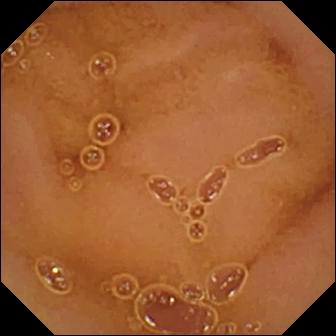PROCEDURE: Capsule endoscopy.
SEGMENT: Small intestine.
FINDINGS: Normal clean mucosa.